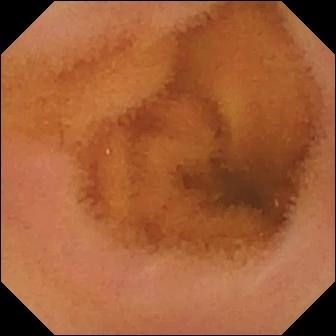- modality: wireless capsule endoscopy
- finding: normal clean mucosa